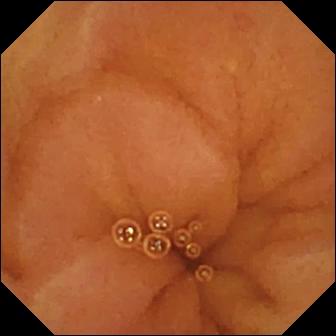Normal clean mucosa.